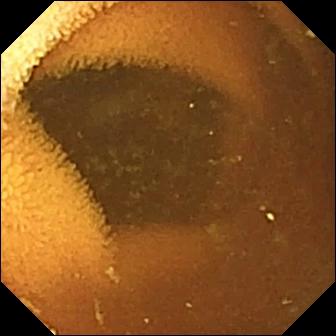This capsule endoscopy frame shows normal clean mucosa.